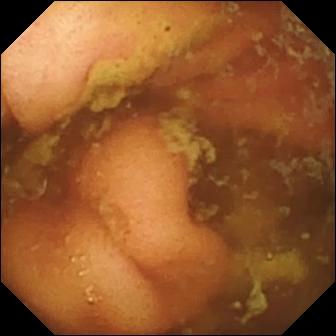Q: Where in the digestive tract was this capsule endoscopy view taken?
A: Ileo-cecal valve region (the transition from the small bowel to the large bowel).